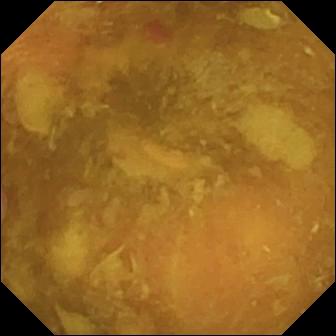Capsule endoscopy snapshot (small bowel). Reduced mucosal view (content or bubbles obscuring the mucosa).